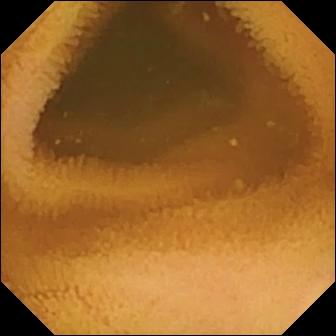Video capsule endoscopy — normal clean mucosa.